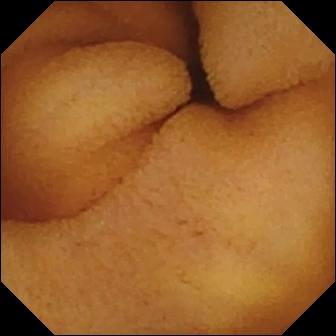{"modality": "small-bowel capsule endoscopy", "finding": "normal clean mucosa"}